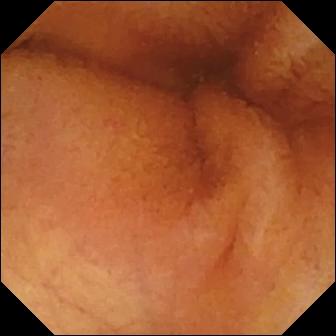{"modality": "video capsule endoscopy", "category": "luminal finding", "finding": "normal clean mucosa"}